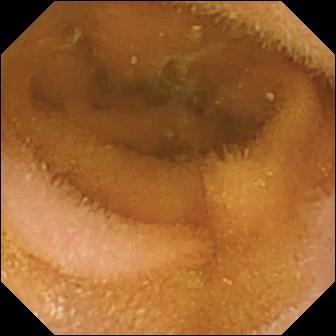Capsule endoscopy snapshot showing normal clean mucosa.